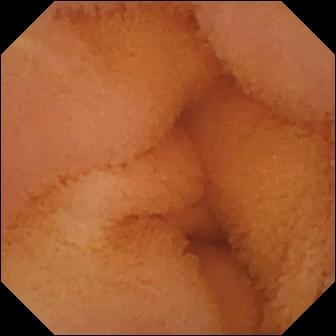Wireless capsule endoscopy — normal clean mucosa.